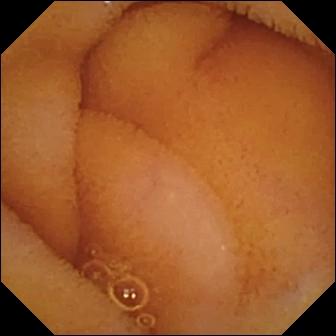PROCEDURE: VCE.
FINDINGS: Normal clean mucosa.